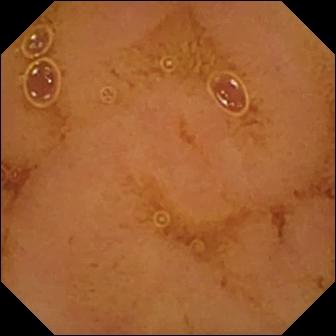modality: video capsule endoscopy
category: luminal finding
label: normal clean mucosa